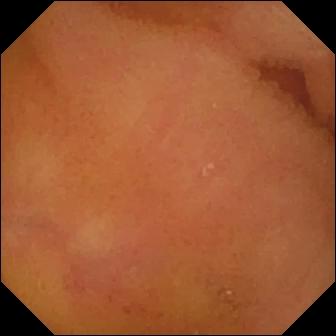WCE — normal clean mucosa.